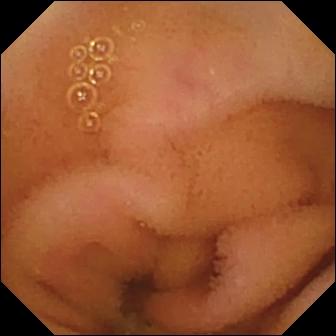Q: What does this small-bowel capsule endoscopy image of the small intestine show?
A: Normal clean mucosa.